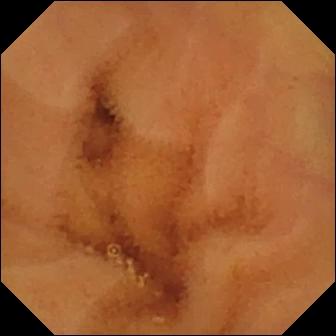- modality: small-bowel capsule endoscopy
- segment: small intestine
- observation: normal clean mucosa